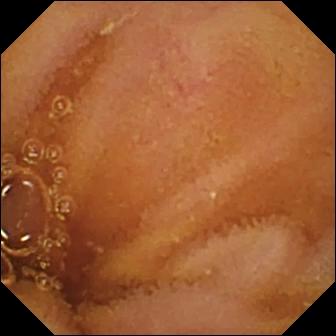{"modality": "small-bowel capsule endoscopy", "segment": "small intestine", "finding": "normal clean mucosa"}